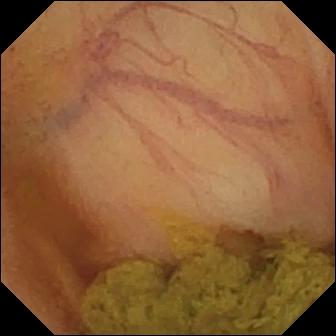Ileo-cecal valve region (the transition from the small bowel to the large bowel), 336×336.